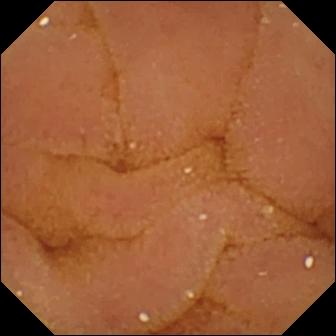Video capsule endoscopy frame. Normal clean mucosa.